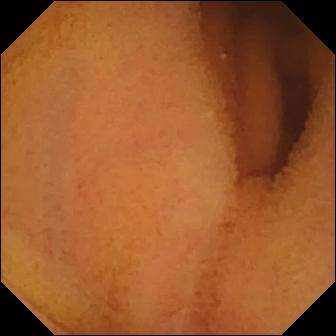modality: video capsule endoscopy; segment: small intestine; impression: normal clean mucosa